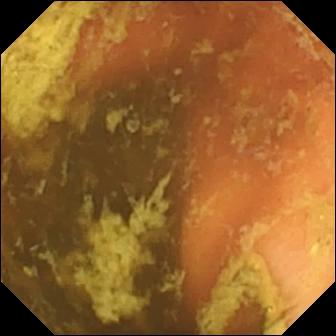Ileo-cecal valve region (where the capsule passes from the small bowel into the large bowel).